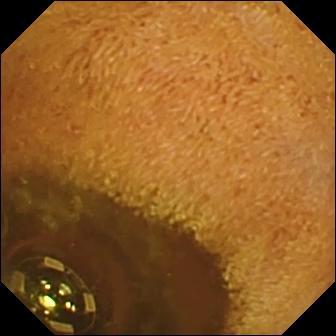Wireless capsule endoscopy. Observation: foreign body (e.g. retained capsule, tablet residue).